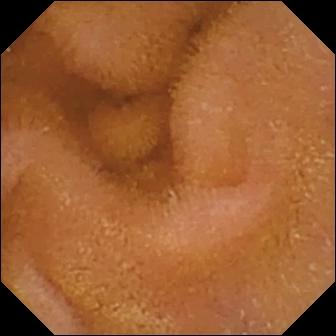Normal clean mucosa.